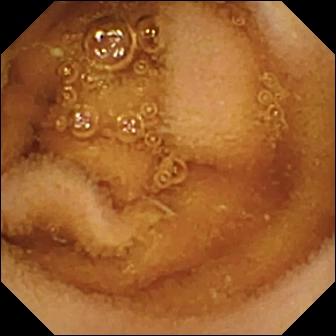modality: small-bowel capsule endoscopy | finding: normal clean mucosa